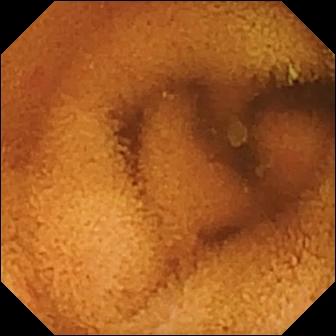Video capsule endoscopy still showing normal clean mucosa.